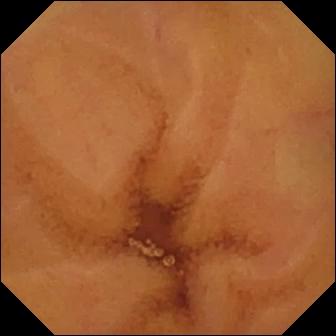Video capsule endoscopy — normal clean mucosa.